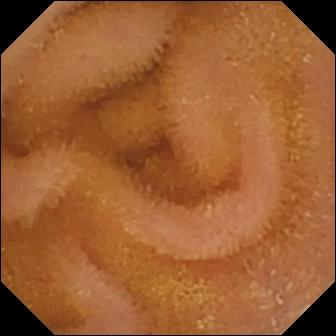- modality: capsule endoscopy
- segment: small intestine
- impression: normal clean mucosa